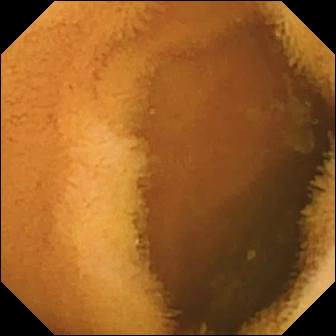Normal clean mucosa — video capsule endoscopy view of the small bowel.